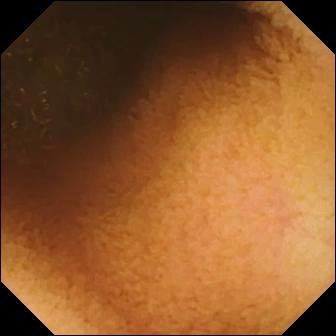Video capsule endoscopy image (small bowel). Reduced mucosal view (content or bubbles obscuring the mucosa).